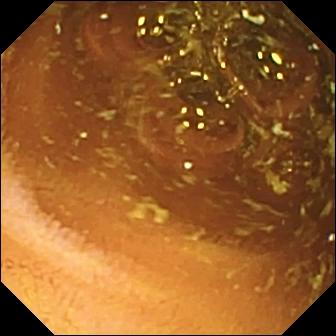Q: What does this video capsule endoscopy still of the small intestine show?
A: Normal clean mucosa.